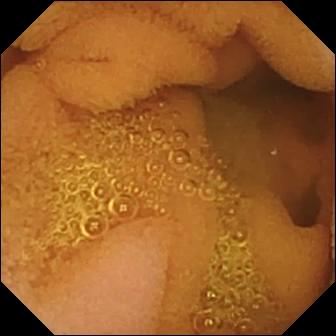Small-bowel capsule endoscopy — normal clean mucosa.